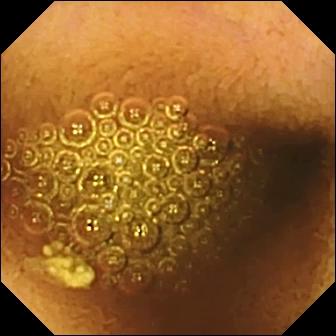- modality: capsule endoscopy
- category: luminal finding
- label: reduced mucosal view (content or bubbles obscuring the mucosa)